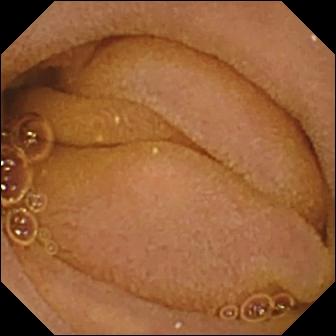Small-bowel capsule endoscopy still, small bowel
Observation: normal clean mucosa